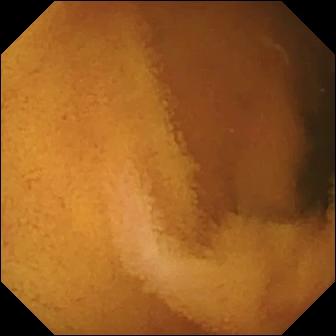Normal clean mucosa (336×336).